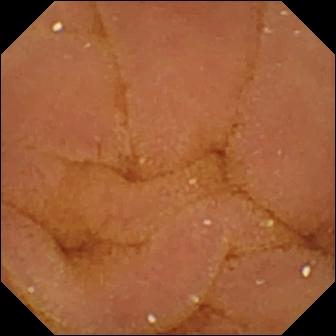Wireless capsule endoscopy still
Label: normal clean mucosa